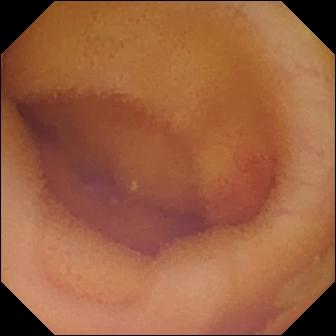Video capsule endoscopy image showing angiectasia.